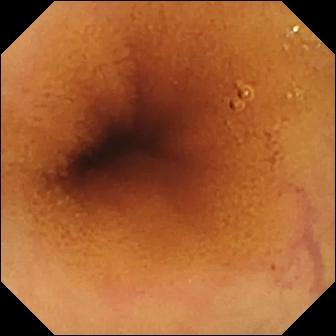WCE frame. Normal clean mucosa.